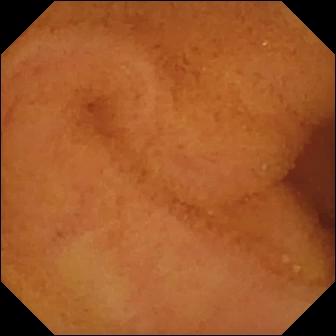- modality: wireless capsule endoscopy
- segment: small bowel
- category: luminal finding
- observation: normal clean mucosa